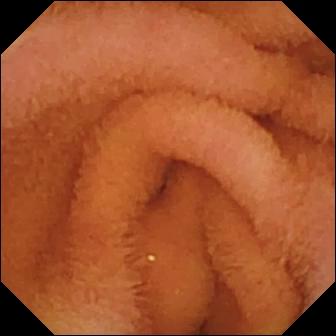- modality: small-bowel capsule endoscopy
- segment: small bowel
- impression: normal clean mucosa